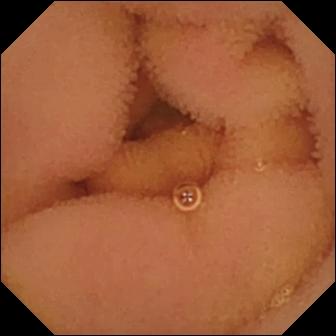Capsule endoscopy frame of the small bowel showing normal clean mucosa.